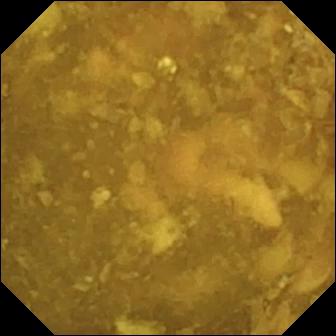{"modality": "wireless capsule endoscopy", "segment": "small bowel", "category": "luminal finding", "finding": "reduced mucosal view (content or bubbles obscuring the mucosa)"}